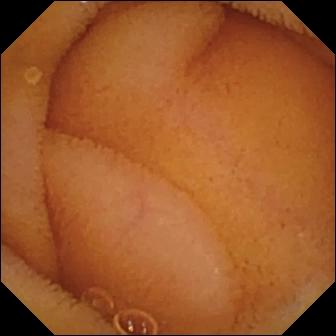Normal clean mucosa.